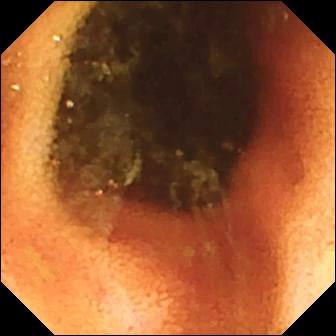Small-bowel capsule endoscopy — ileo-cecal valve region (the transition from the small bowel to the large bowel).